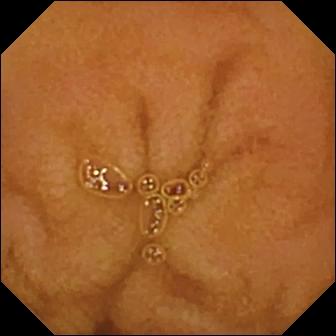Capsule endoscopy snapshot of the small intestine showing normal clean mucosa.